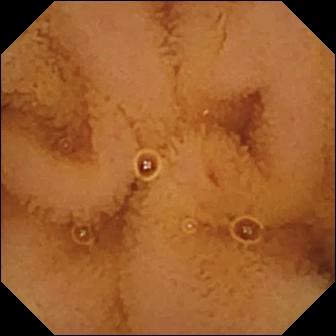Normal clean mucosa — video capsule endoscopy view of the small bowel.